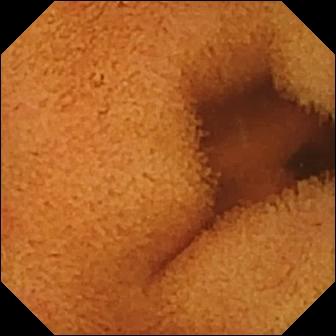Normal clean mucosa — wireless capsule endoscopy image of the small intestine.